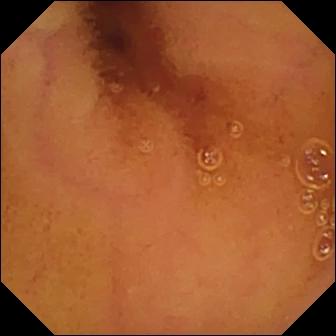Normal clean mucosa — WCE frame of the small intestine.